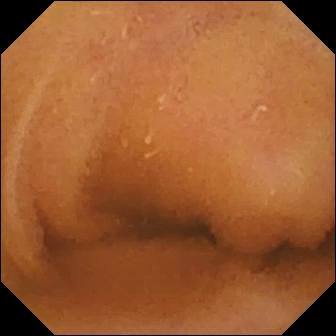PROCEDURE: WCE.
SEGMENT: Small intestine.
FINDINGS: Normal clean mucosa.